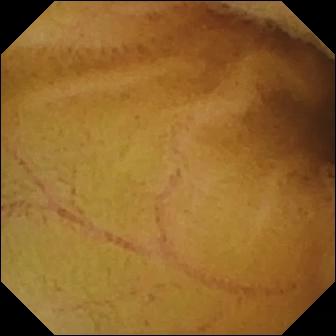Video capsule endoscopy — normal clean mucosa.